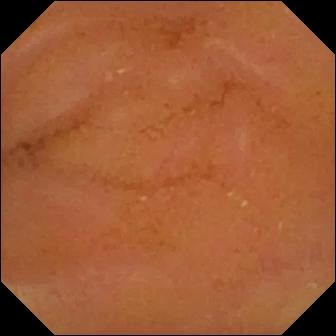WCE view showing normal clean mucosa.